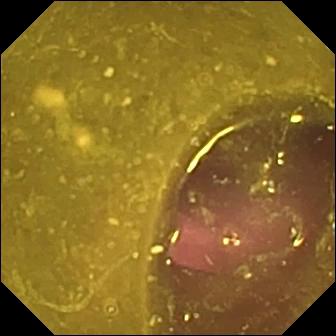WCE snapshot showing reduced mucosal view (content or bubbles obscuring the mucosa).